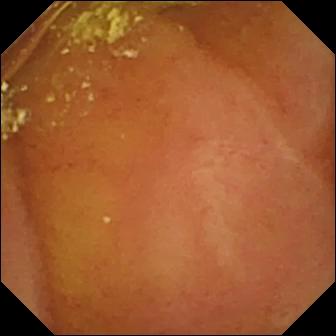{"modality": "VCE", "finding": "normal clean mucosa"}